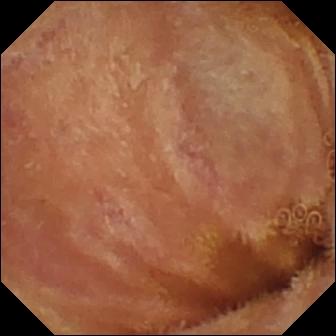Small-bowel capsule endoscopy frame, small bowel
Impression: normal clean mucosa